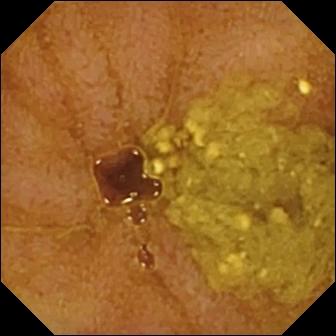{"modality": "video capsule endoscopy", "category": "anatomical landmark", "label": "ileo-cecal valve region (the transition from the small bowel to the large bowel)"}